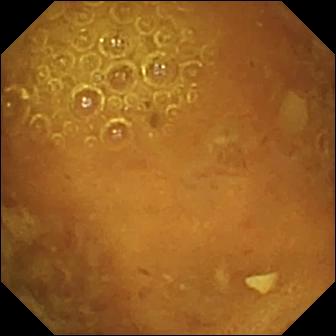Video capsule endoscopy. Finding: reduced mucosal view (content or bubbles obscuring the mucosa).